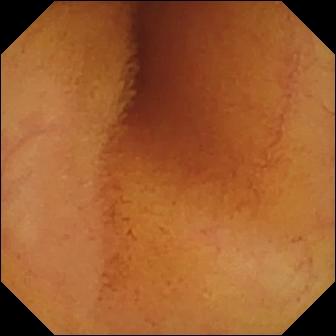- modality: capsule endoscopy
- segment: small bowel
- category: luminal finding
- finding: normal clean mucosa